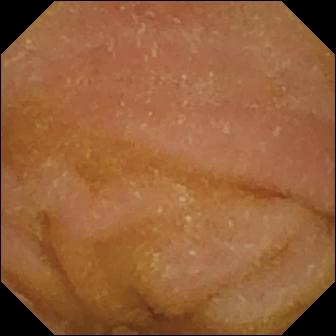Normal clean mucosa — VCE still of the small intestine.